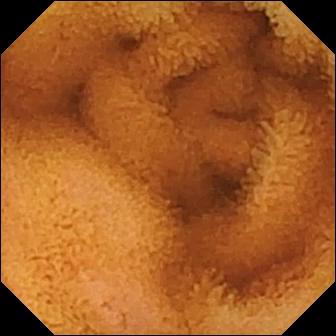- modality: small-bowel capsule endoscopy
- impression: normal clean mucosa